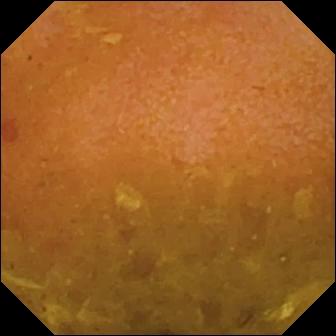{"modality": "video capsule endoscopy", "segment": "small bowel", "finding": "reduced mucosal view (content or bubbles obscuring the mucosa)"}